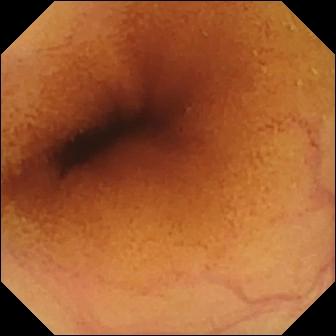WCE still, small intestine
Observation: normal clean mucosa